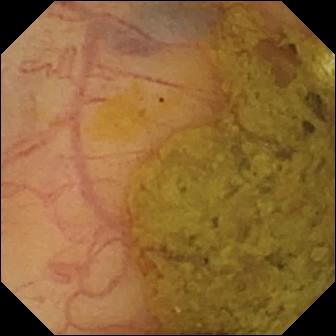Wireless capsule endoscopy still taken in the ileo-cecal valve region (where the capsule passes from the small bowel into the large bowel).